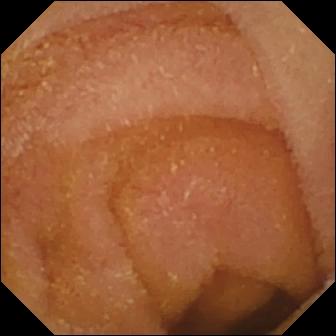- modality: capsule endoscopy
- segment: small intestine
- impression: normal clean mucosa